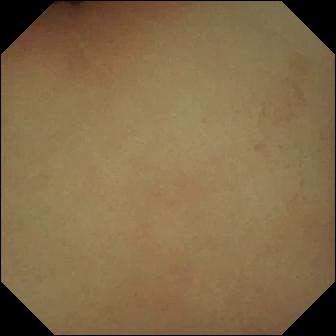- modality: capsule endoscopy
- video segment: pylorus region